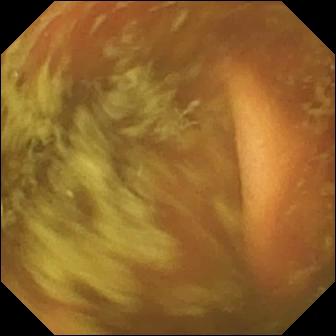This VCE view was taken in the ileo-cecal valve region.